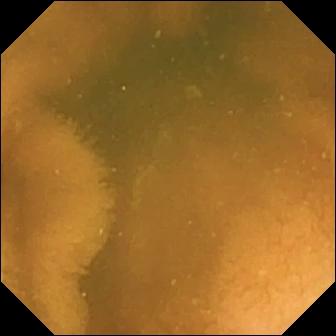Wireless capsule endoscopy — normal clean mucosa.